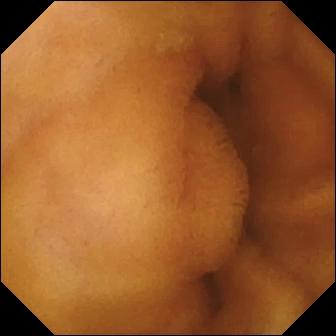Normal clean mucosa.